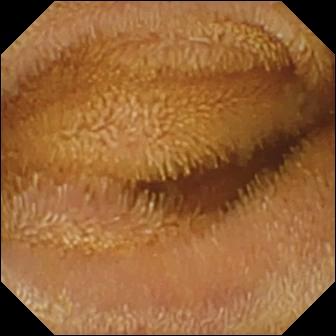This VCE still of the small intestine shows normal clean mucosa.